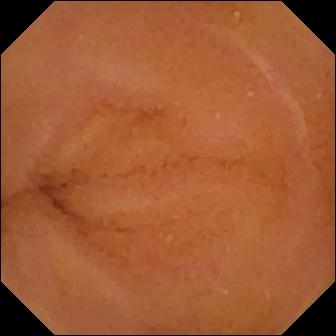Normal clean mucosa — small-bowel capsule endoscopy image of the small intestine.